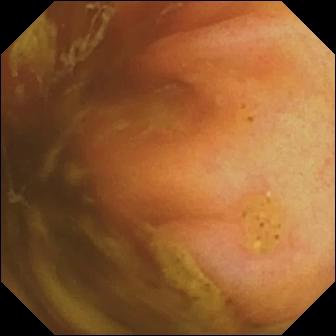Wireless capsule endoscopy snapshot taken in the ileo-cecal valve region (the transition from the small bowel to the large bowel).